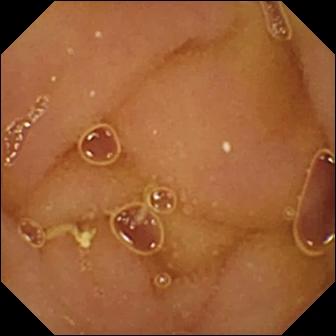{"modality": "video capsule endoscopy", "segment": "small intestine", "finding": "normal clean mucosa"}